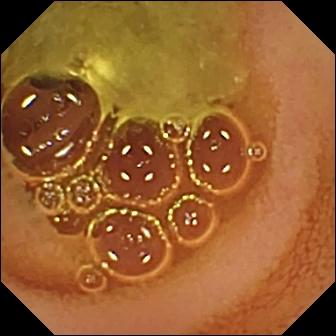modality: VCE
category: luminal finding
label: normal clean mucosa